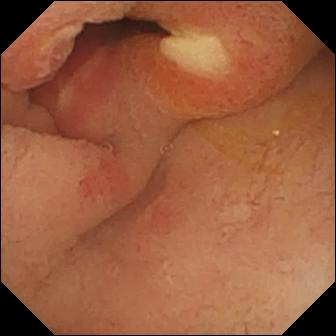- modality: wireless capsule endoscopy
- observation: ulcer